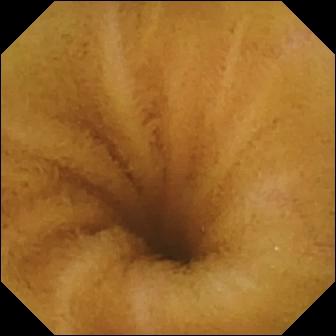This video capsule endoscopy image shows normal clean mucosa.